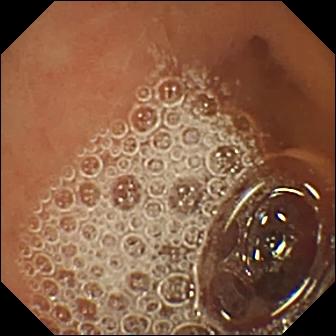{"modality": "VCE", "finding": "normal clean mucosa"}